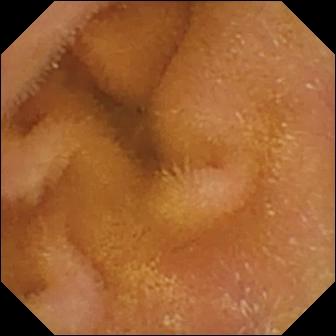modality: video capsule endoscopy; segment: small intestine; category: luminal finding; finding: normal clean mucosa